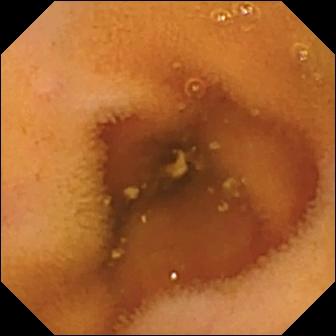Small-bowel capsule endoscopy. Impression: normal clean mucosa.